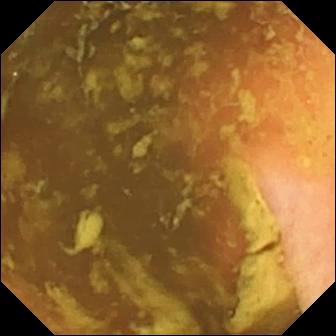Video capsule endoscopy snapshot, 336×336. Taken in the ileo-cecal valve region (where the capsule passes from the small bowel into the large bowel).